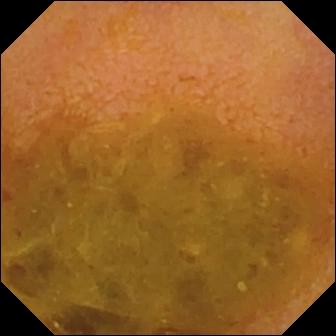- modality: small-bowel capsule endoscopy
- category: luminal finding
- finding: reduced mucosal view (content or bubbles obscuring the mucosa)